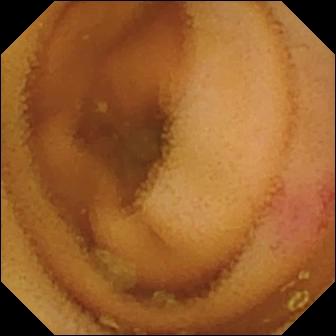Video capsule endoscopy frame. Angiectasia.